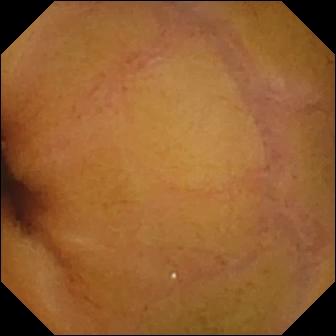modality: VCE
segment: small intestine
observation: normal clean mucosa